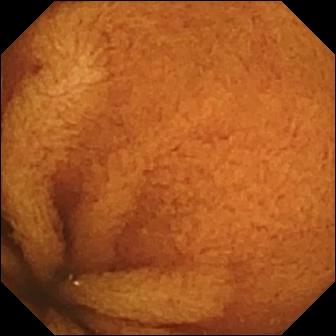- modality: wireless capsule endoscopy
- finding: normal clean mucosa